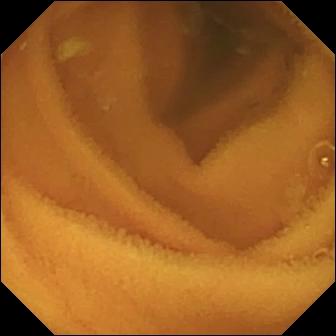- modality: capsule endoscopy
- segment: small intestine
- observation: normal clean mucosa